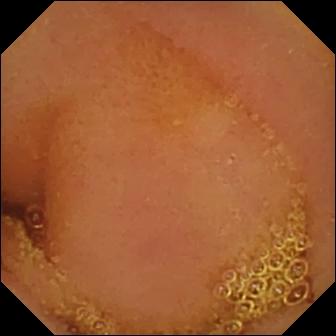PROCEDURE: WCE.
FINDINGS: Normal clean mucosa.